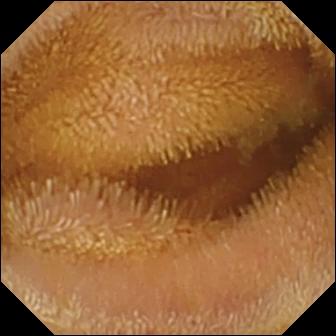Normal clean mucosa.